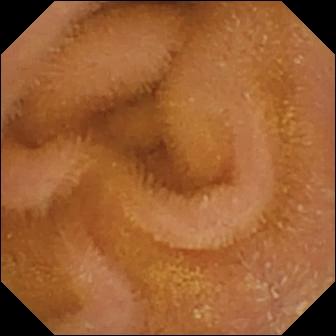Video capsule endoscopy still (small intestine), 336×336. Normal clean mucosa.